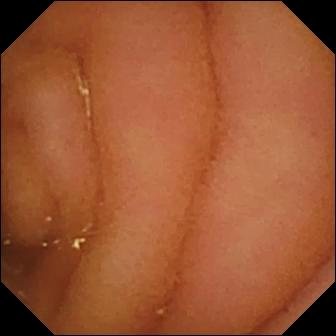This small-bowel capsule endoscopy still shows normal clean mucosa.